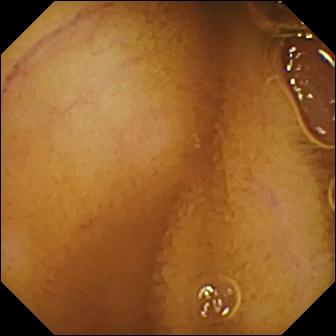Small-bowel capsule endoscopy. Finding: normal clean mucosa.